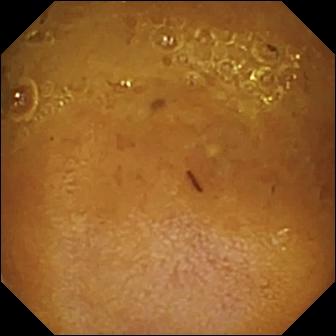Small-bowel capsule endoscopy still showing reduced mucosal view (content or bubbles obscuring the mucosa).